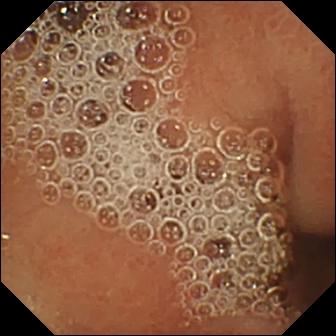This capsule endoscopy still shows normal clean mucosa.